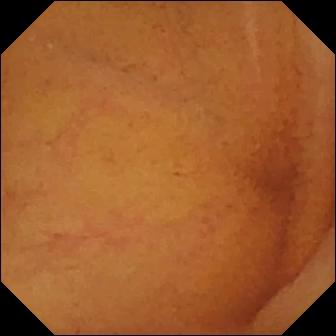modality: WCE | segment: small bowel | impression: normal clean mucosa